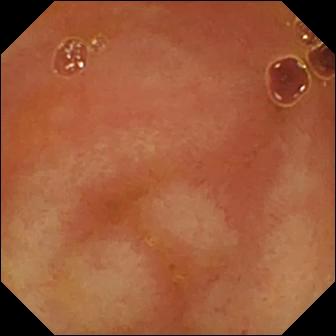Wireless capsule endoscopy view
Location: ileo-cecal valve region (the transition from the small bowel to the large bowel)